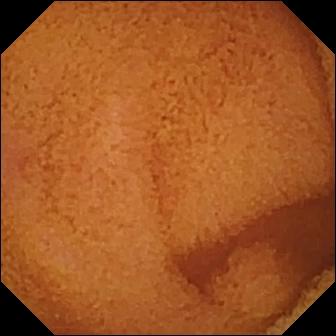Normal clean mucosa — wireless capsule endoscopy snapshot of the small bowel.